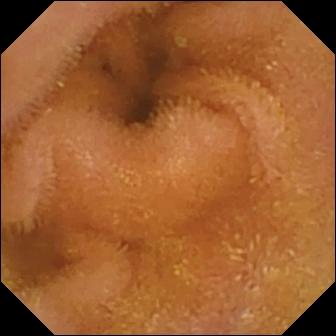Wireless capsule endoscopy — normal clean mucosa.